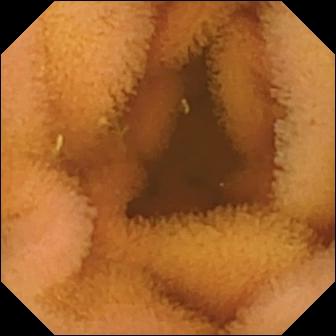Capsule endoscopy still (small intestine). Normal clean mucosa.